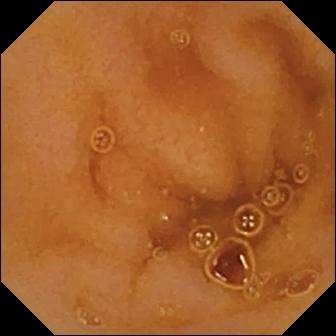VCE. Small bowel. Luminal finding. Label: normal clean mucosa.